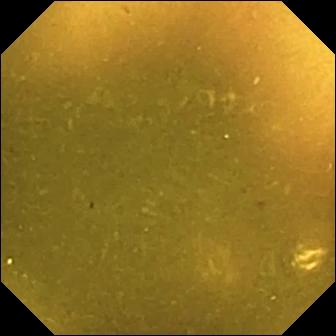PROCEDURE: Capsule endoscopy.
POSITION: Ileo-cecal valve region (where the capsule passes from the small bowel into the large bowel).